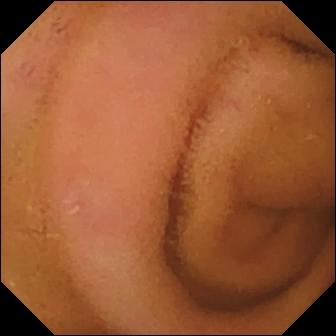Q: What does this WCE view of the small bowel show?
A: Normal clean mucosa.